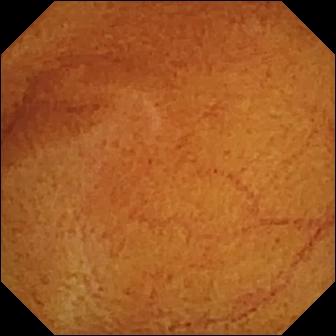Wireless capsule endoscopy — normal clean mucosa.